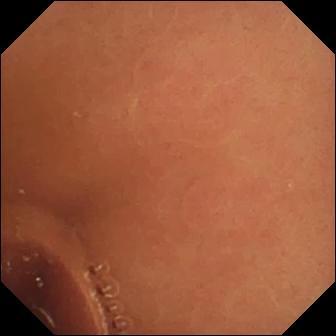Q: What does this capsule endoscopy view show?
A: Normal clean mucosa.